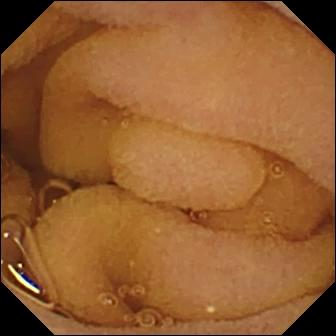This VCE frame of the small bowel shows normal clean mucosa.